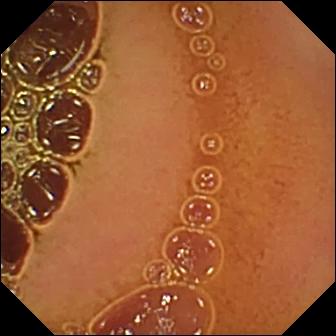Normal clean mucosa — video capsule endoscopy frame.